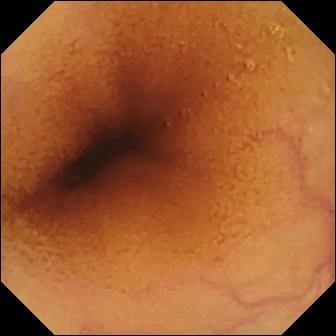Q: What does this video capsule endoscopy view of the small intestine show?
A: Normal clean mucosa.